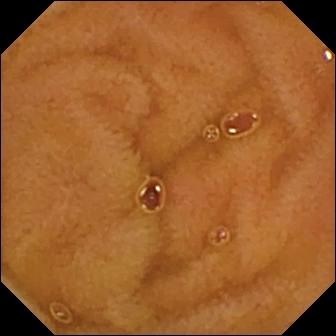Video capsule endoscopy image showing normal clean mucosa.